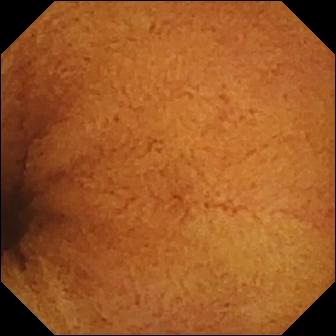Wireless capsule endoscopy — normal clean mucosa.